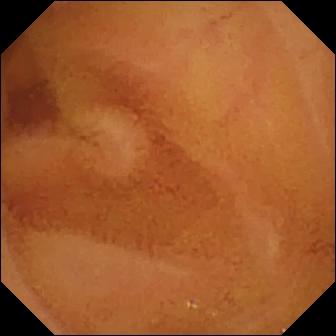Q: What does this small-bowel capsule endoscopy still show?
A: Normal clean mucosa.